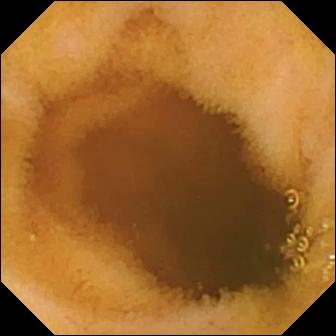Q: What does this video capsule endoscopy still of the small intestine show?
A: Normal clean mucosa.